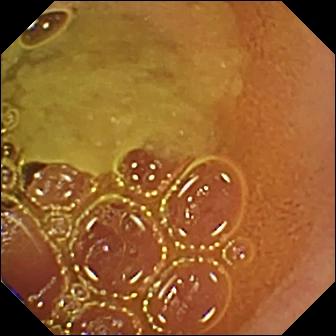Video capsule endoscopy frame
Label: normal clean mucosa